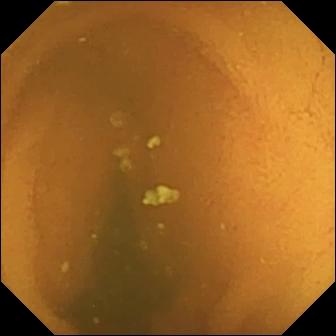Capsule endoscopy frame. Normal clean mucosa.